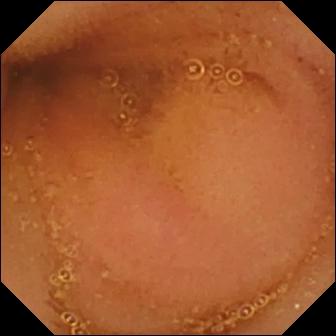Q: What does this WCE view of the small intestine show?
A: Normal clean mucosa.